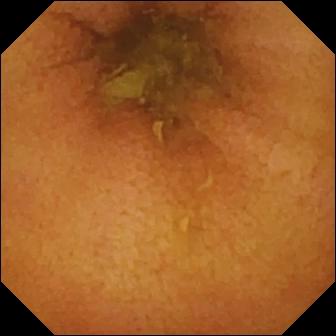Small-bowel capsule endoscopy. Small intestine. Impression: normal clean mucosa.